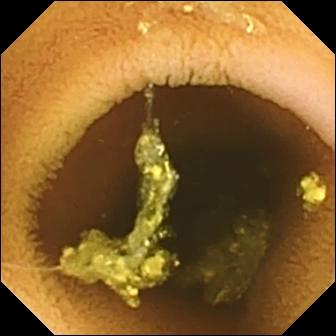- modality: WCE
- observation: normal clean mucosa